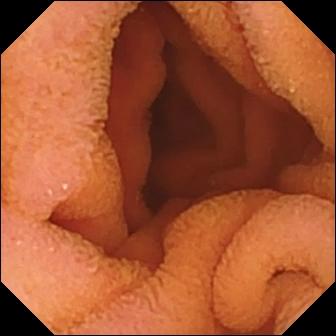VCE snapshot, small bowel
Finding: normal clean mucosa